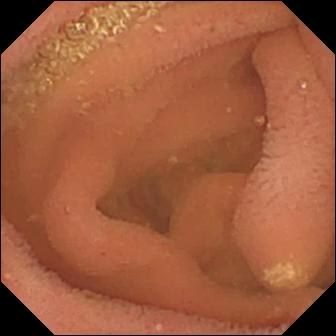PROCEDURE: Capsule endoscopy.
FINDINGS: Lymphangiectasia.